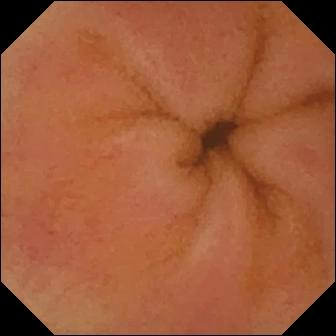- modality: wireless capsule endoscopy
- observation: erythema (mucosal redness)